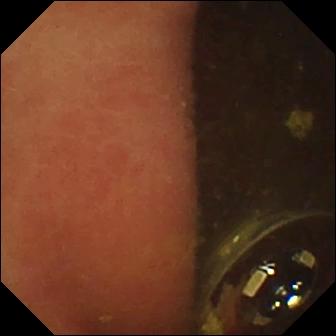Small-bowel capsule endoscopy. Finding: foreign body (e.g. retained capsule, tablet residue).